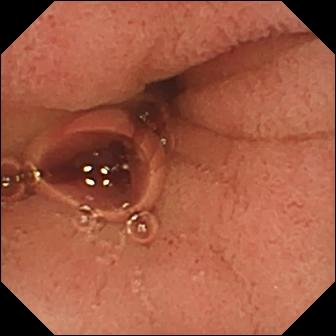Capsule endoscopy view taken in the pylorus region (the junction between the stomach and the small bowel).